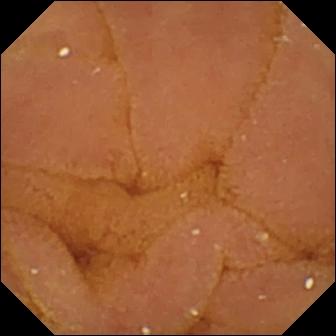PROCEDURE: VCE.
SEGMENT: Small bowel.
FINDINGS: Normal clean mucosa.